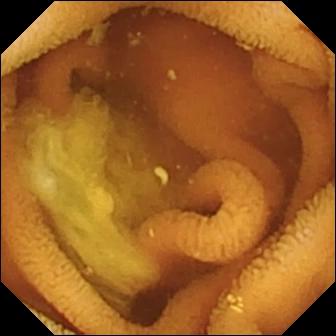Capsule endoscopy frame showing normal clean mucosa.